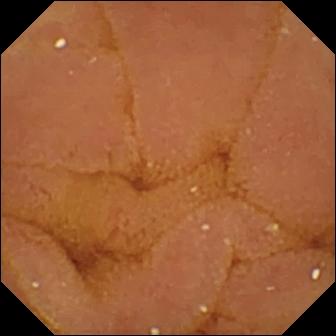Normal clean mucosa.